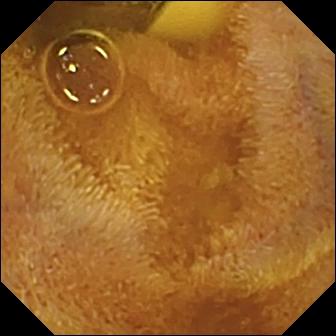- modality: small-bowel capsule endoscopy
- label: foreign body (e.g. retained capsule, tablet residue)